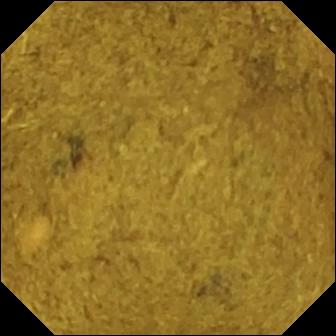Ileo-cecal valve region (where the capsule passes from the small bowel into the large bowel) — video capsule endoscopy image.